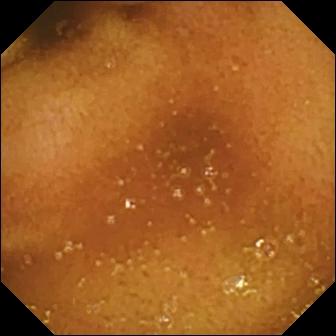This wireless capsule endoscopy image shows normal clean mucosa.